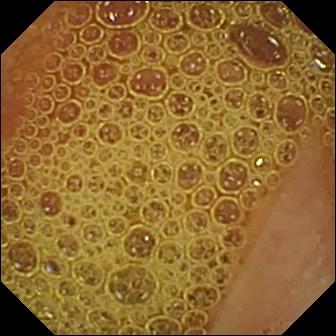Video capsule endoscopy — normal clean mucosa.